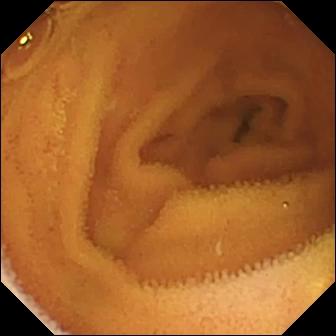VCE. Small intestine. Observation: normal clean mucosa.